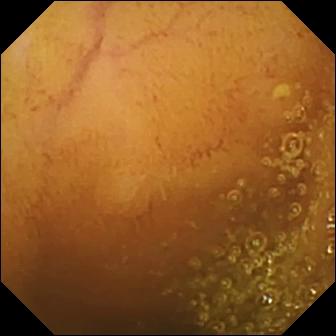Wireless capsule endoscopy — normal clean mucosa.